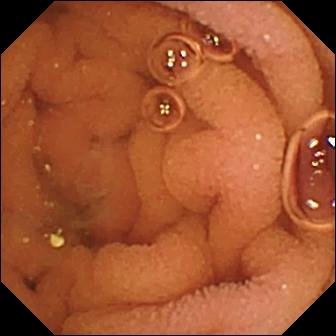WCE — normal clean mucosa.